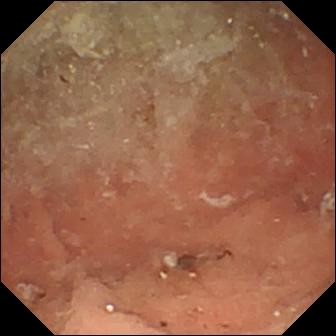Small-bowel capsule endoscopy image showing angiectasia.